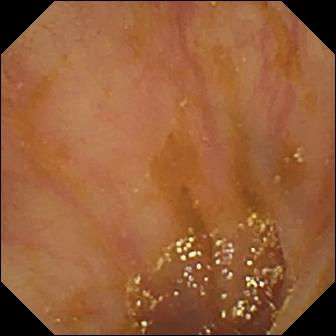Q: Where in the digestive tract was this WCE view taken?
A: Ileo-cecal valve region (the transition from the small bowel to the large bowel).